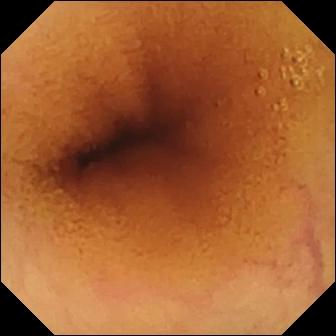PROCEDURE: VCE.
SEGMENT: Small intestine.
FINDINGS: Normal clean mucosa.